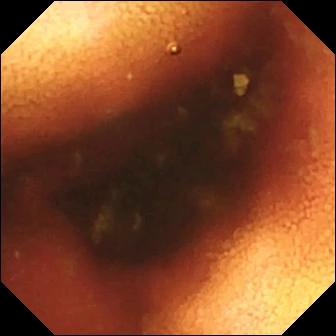modality: video capsule endoscopy
position: ileo-cecal valve region (the transition from the small bowel to the large bowel)